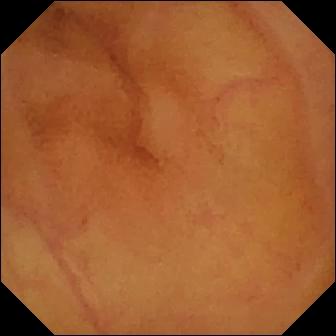Q: What does this WCE frame of the small intestine show?
A: Normal clean mucosa.